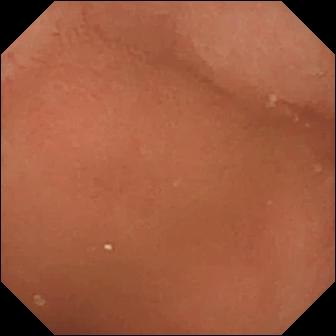- modality: video capsule endoscopy
- category: anatomical landmark
- label: pylorus region (the junction between the stomach and the small bowel)